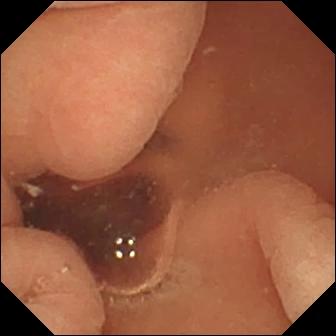Normal clean mucosa — capsule endoscopy snapshot.